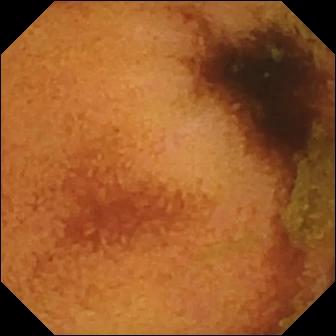Small-bowel capsule endoscopy image of the small intestine showing normal clean mucosa.